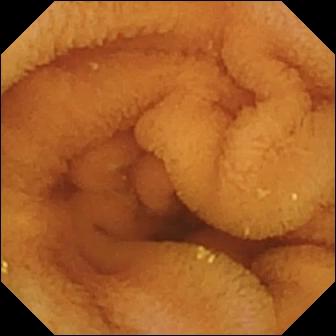VCE — normal clean mucosa.